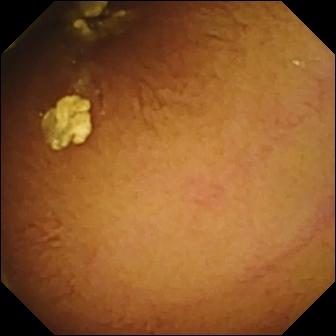- modality: small-bowel capsule endoscopy
- segment: small intestine
- impression: normal clean mucosa